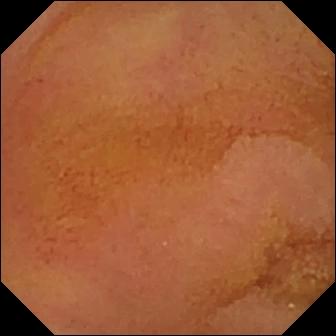- modality: small-bowel capsule endoscopy
- impression: normal clean mucosa